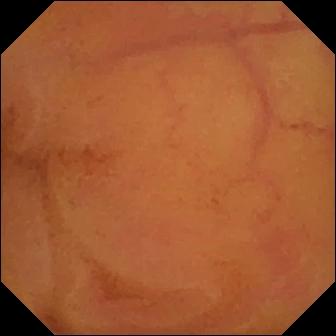Q: What does this video capsule endoscopy still show?
A: Normal clean mucosa.